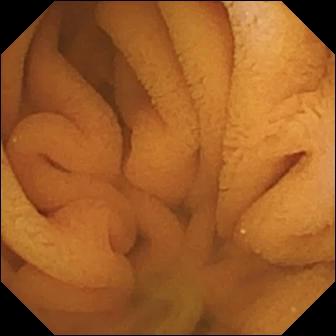- modality: VCE
- segment: small bowel
- observation: normal clean mucosa